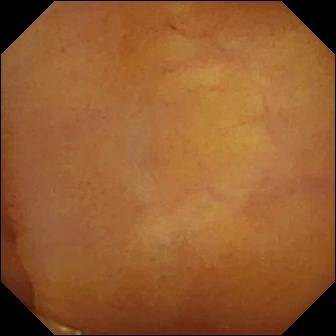Q: What does this WCE frame of the small intestine show?
A: Normal clean mucosa.